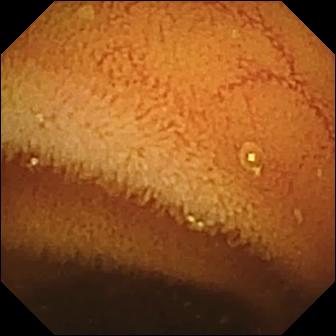- modality: video capsule endoscopy
- finding: normal clean mucosa